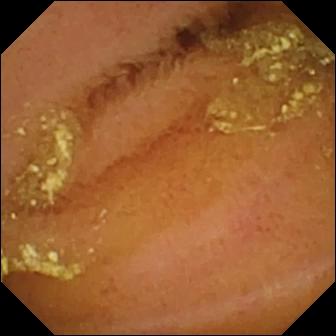Small-bowel capsule endoscopy view of the small bowel showing normal clean mucosa.